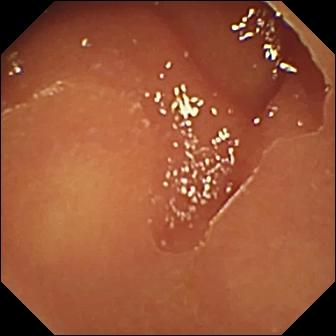- modality: capsule endoscopy
- segment: small bowel
- impression: normal clean mucosa